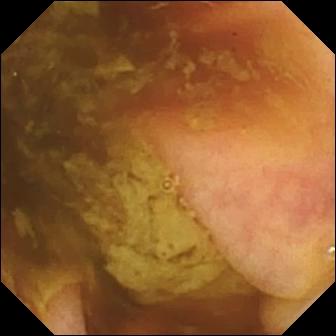- modality: WCE
- category: anatomical landmark
- label: ileo-cecal valve region (where the capsule passes from the small bowel into the large bowel)